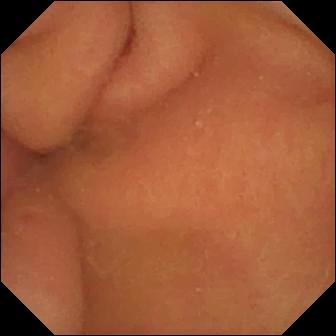Video capsule endoscopy. Label: pylorus region (the junction between the stomach and the small bowel).